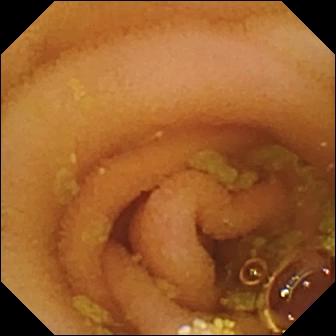VCE image showing lymphangiectasia.